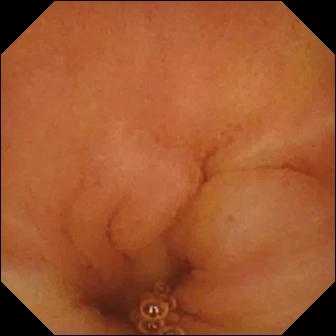This small-bowel capsule endoscopy still shows normal clean mucosa.